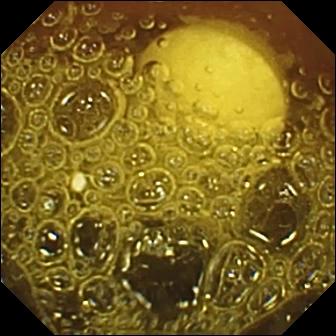WCE snapshot
Impression: foreign body (e.g. retained capsule, tablet residue)